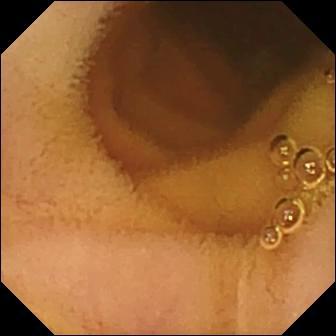Q: What does this WCE view of the small bowel show?
A: Normal clean mucosa.